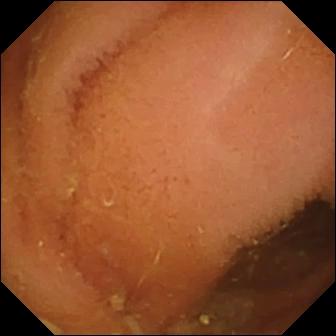PROCEDURE: Video capsule endoscopy.
SEGMENT: Small intestine.
FINDINGS: Normal clean mucosa.